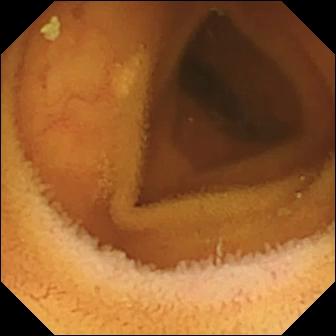Q: What does this capsule endoscopy frame show?
A: Normal clean mucosa.